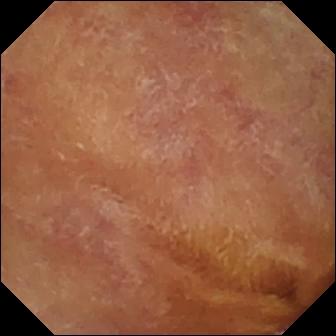Video capsule endoscopy view. Normal clean mucosa.